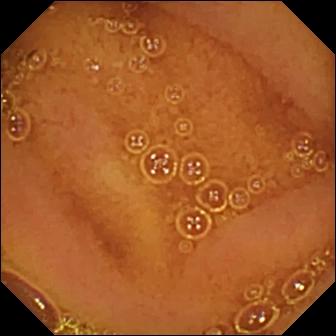Q: What does this WCE frame of the small intestine show?
A: Normal clean mucosa.